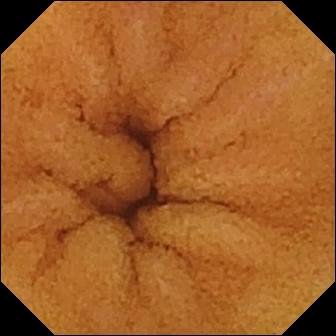Capsule endoscopy snapshot showing normal clean mucosa.